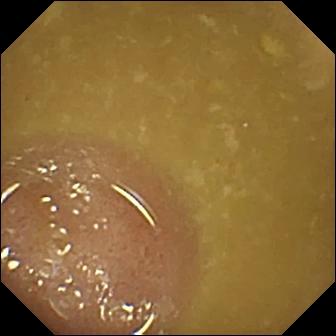Q: Where in the digestive tract was this small-bowel capsule endoscopy frame taken?
A: Ileo-cecal valve region (the transition from the small bowel to the large bowel).